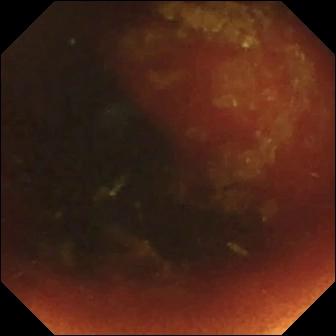Video capsule endoscopy image taken in the ileo-cecal valve region (the transition from the small bowel to the large bowel).